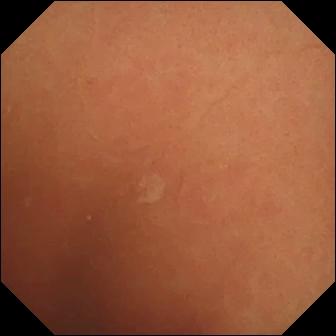PROCEDURE: Video capsule endoscopy.
FINDINGS: Normal clean mucosa.